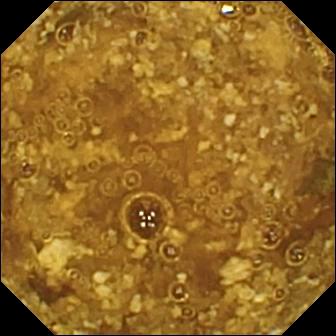Reduced mucosal view (content or bubbles obscuring the mucosa).